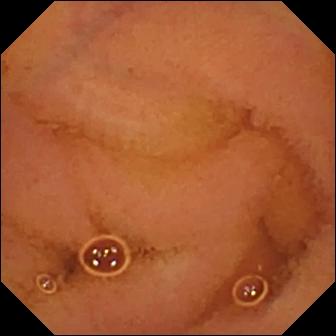modality: capsule endoscopy; segment: small intestine; category: luminal finding; finding: normal clean mucosa